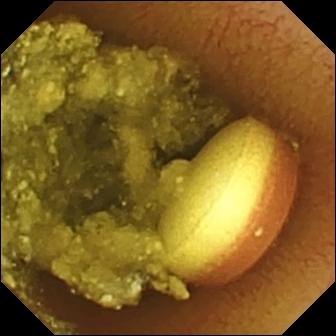Foreign body (e.g. retained capsule, tablet residue).